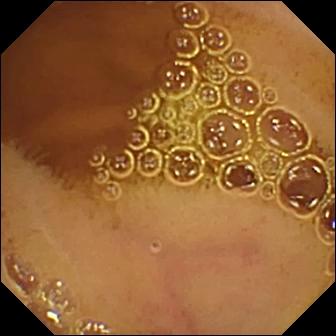Normal clean mucosa — WCE image.